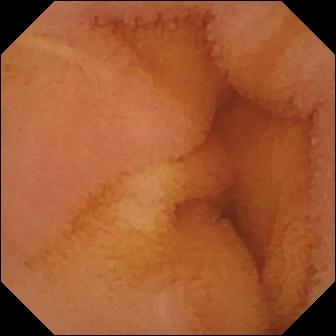PROCEDURE: VCE.
FINDINGS: Normal clean mucosa.